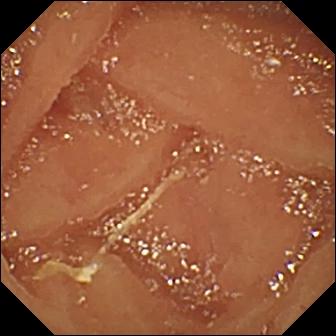Capsule endoscopy image
Label: normal clean mucosa